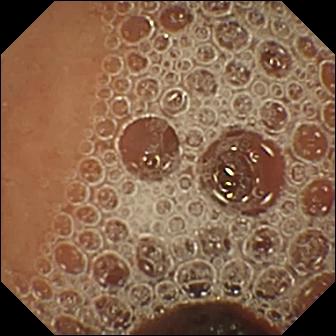Q: What does this small-bowel capsule endoscopy view show?
A: Normal clean mucosa.